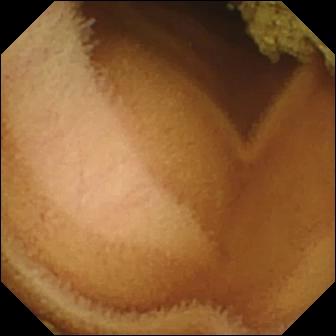- modality: WCE
- segment: small bowel
- label: normal clean mucosa